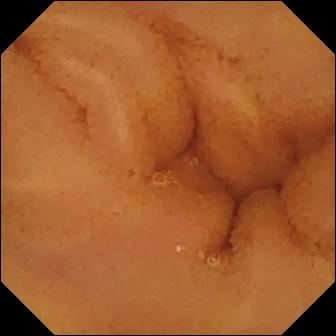This video capsule endoscopy snapshot of the small bowel shows normal clean mucosa.